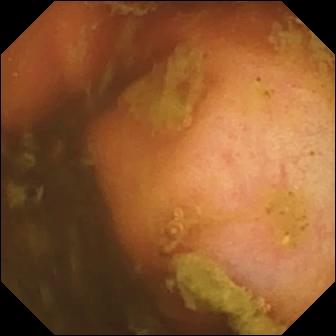This WCE view was taken in the ileo-cecal valve region.